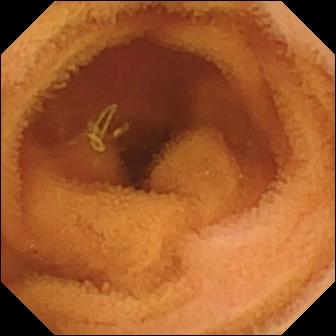This wireless capsule endoscopy view shows normal clean mucosa.